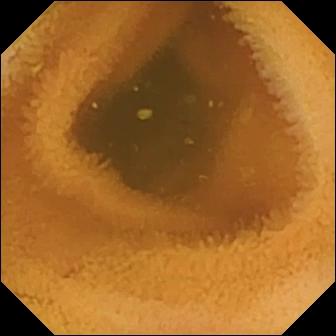This video capsule endoscopy snapshot of the small intestine shows normal clean mucosa.